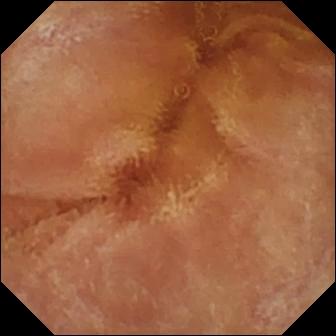WCE still. Normal clean mucosa.